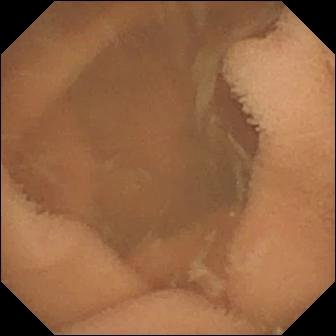- modality: wireless capsule endoscopy
- segment: small intestine
- finding: normal clean mucosa